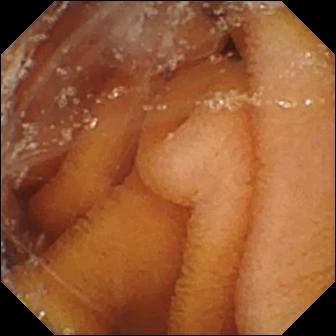- modality: WCE
- position: pylorus region